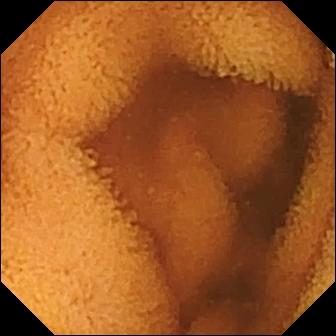Small-bowel capsule endoscopy snapshot, small bowel
Finding: normal clean mucosa